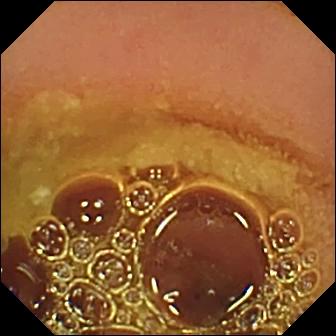VCE — normal clean mucosa.